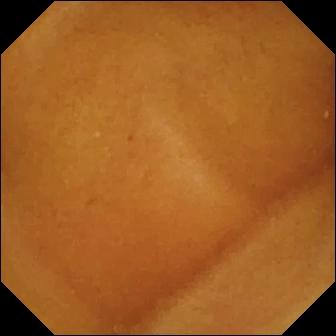Capsule endoscopy still, 336×336. Normal clean mucosa.